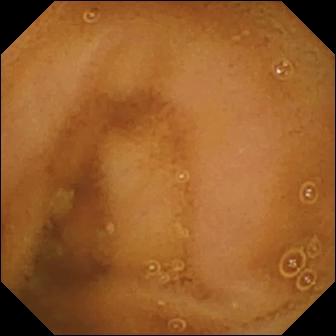WCE still
Observation: normal clean mucosa